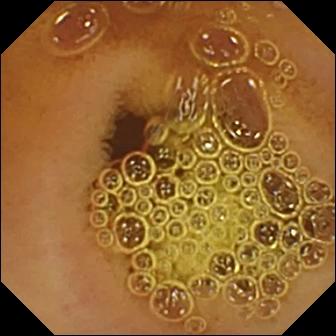Video capsule endoscopy still of the small bowel showing normal clean mucosa.